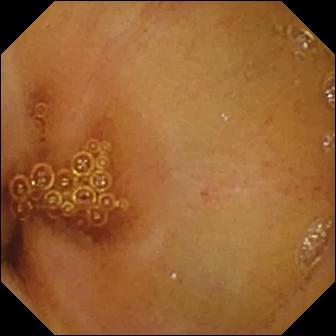Normal clean mucosa — wireless capsule endoscopy image.